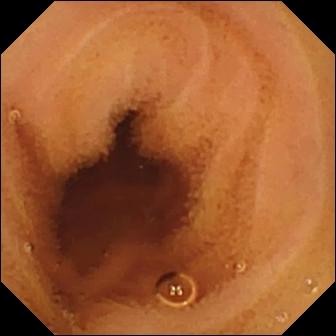Small-bowel capsule endoscopy snapshot of the small bowel showing normal clean mucosa.